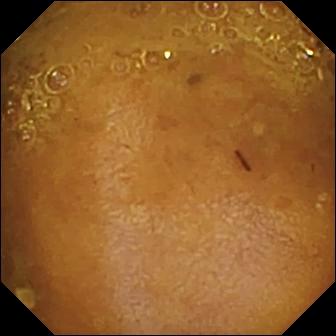Wireless capsule endoscopy. Impression: reduced mucosal view (content or bubbles obscuring the mucosa).